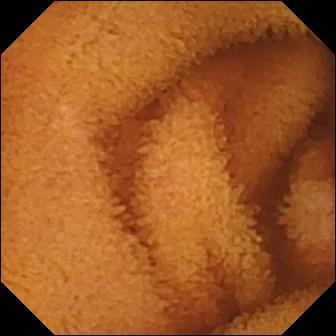Q: What does this wireless capsule endoscopy still show?
A: Normal clean mucosa.